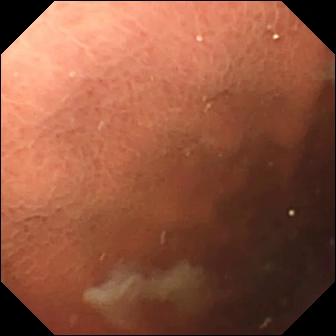Capsule endoscopy — pylorus region (the junction between the stomach and the small bowel).